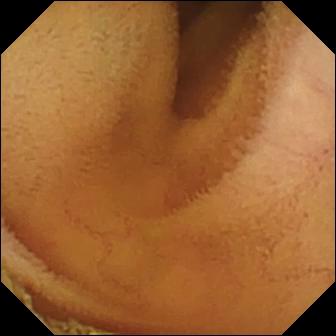- modality: video capsule endoscopy
- segment: small intestine
- label: normal clean mucosa